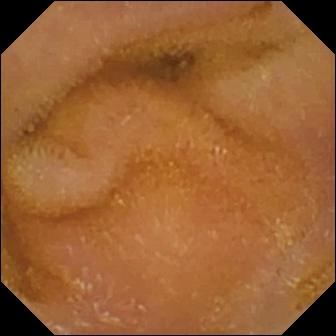Wireless capsule endoscopy snapshot, 336×336. Normal clean mucosa.